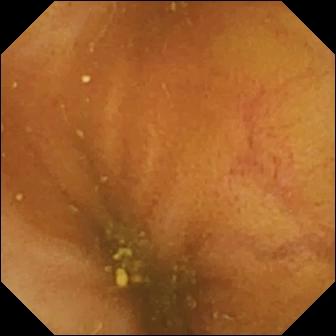WCE — ileo-cecal valve region.